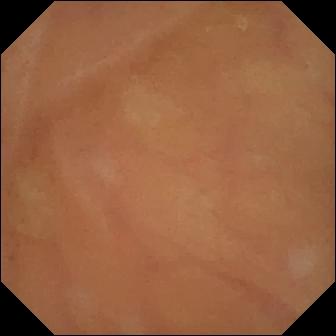Q: What does this VCE snapshot show?
A: Normal clean mucosa.